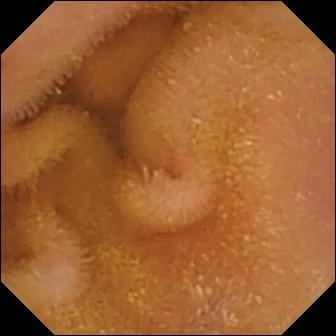{"modality": "small-bowel capsule endoscopy", "segment": "small intestine", "category": "luminal finding", "finding": "normal clean mucosa"}